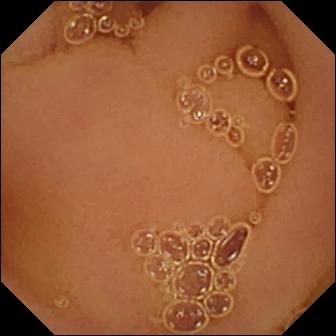This small-bowel capsule endoscopy snapshot of the small intestine shows normal clean mucosa.